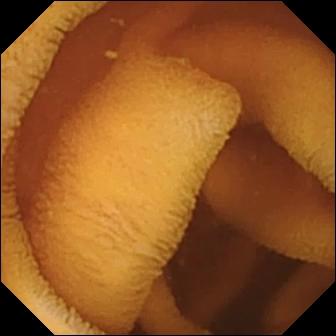Normal clean mucosa — capsule endoscopy frame.